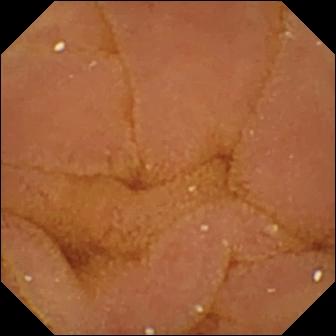Q: What does this WCE snapshot of the small intestine show?
A: Normal clean mucosa.